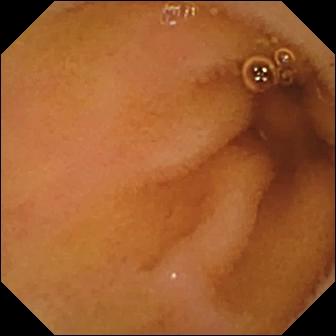{"modality": "wireless capsule endoscopy", "category": "luminal finding", "finding": "normal clean mucosa"}